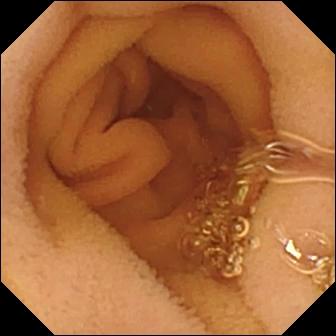PROCEDURE: Wireless capsule endoscopy.
FINDINGS: Normal clean mucosa.